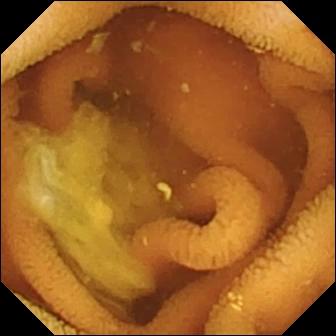Normal clean mucosa.